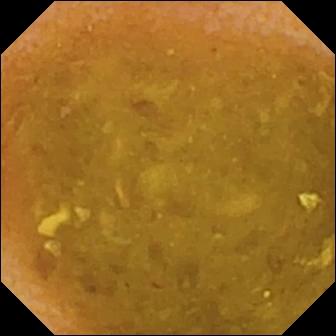Reduced mucosal view (content or bubbles obscuring the mucosa).